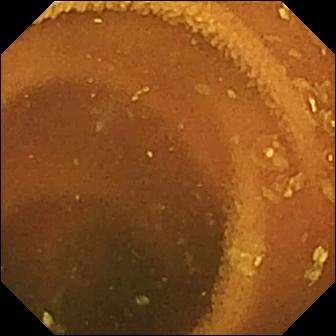{"modality": "WCE", "finding": "normal clean mucosa"}